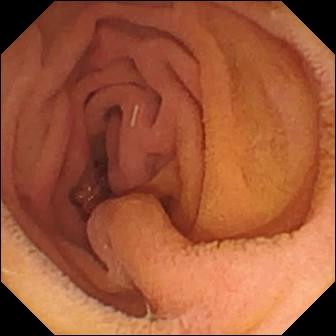Q: Where in the digestive tract was this capsule endoscopy frame taken?
A: Pylorus region (where the capsule passes from the stomach into the small bowel).